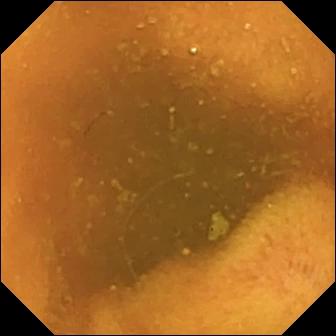This WCE view of the small bowel shows normal clean mucosa.